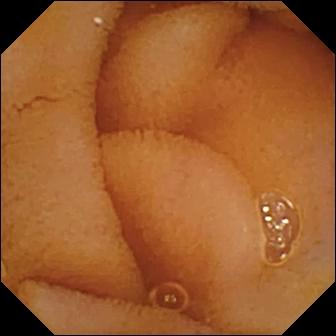PROCEDURE: VCE.
FINDINGS: Normal clean mucosa.